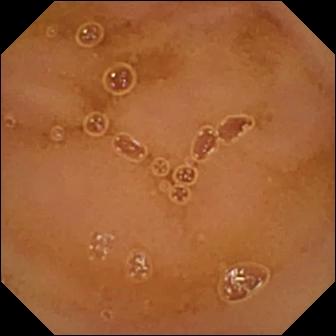This WCE still of the small bowel shows normal clean mucosa.